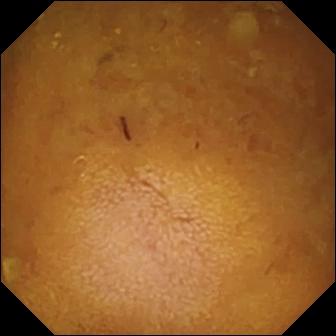Q: What does this WCE view of the small bowel show?
A: Reduced mucosal view (content or bubbles obscuring the mucosa).